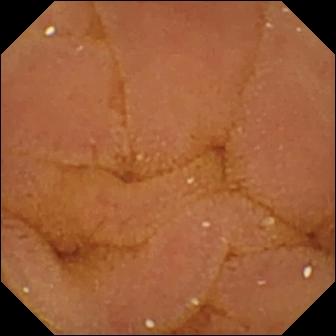Wireless capsule endoscopy view (small bowel). Normal clean mucosa.